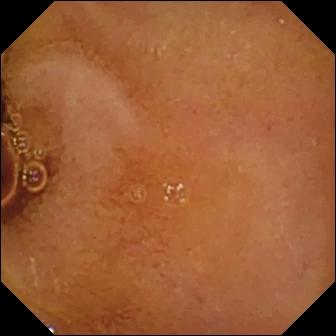Normal clean mucosa — small-bowel capsule endoscopy frame.